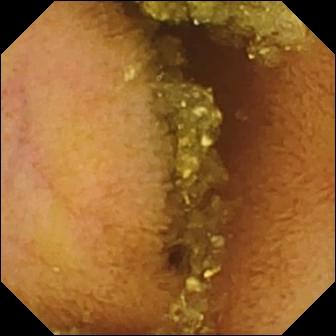- modality: VCE
- segment: small bowel
- label: normal clean mucosa